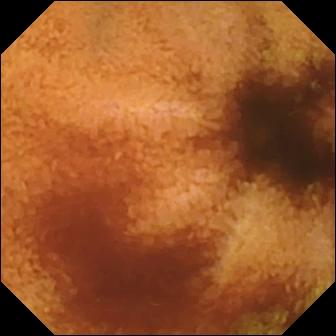{"modality": "wireless capsule endoscopy", "segment": "small intestine", "category": "luminal finding", "finding": "normal clean mucosa"}